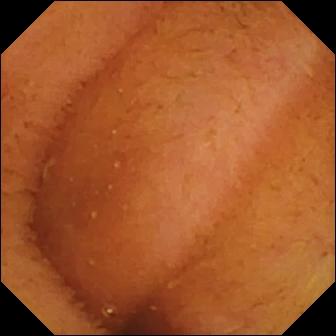WCE still, 336×336. Normal clean mucosa.